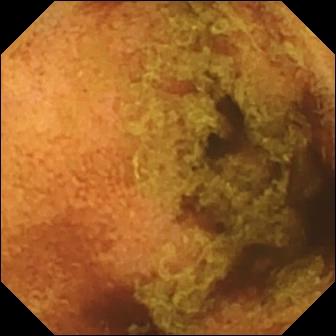modality: capsule endoscopy
segment: small bowel
finding: normal clean mucosa